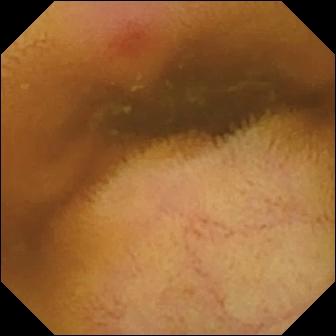{"modality": "small-bowel capsule endoscopy", "finding": "erythema (mucosal redness)"}